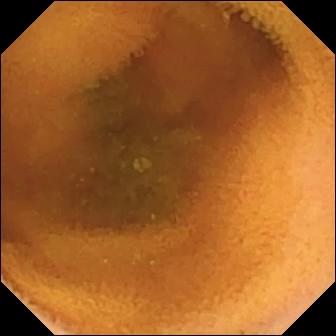- modality: wireless capsule endoscopy
- segment: small bowel
- observation: normal clean mucosa